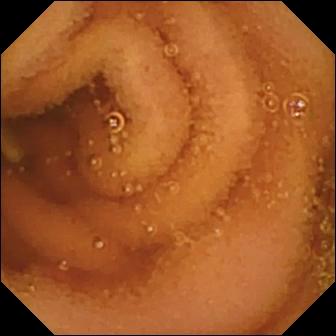Video capsule endoscopy — normal clean mucosa.